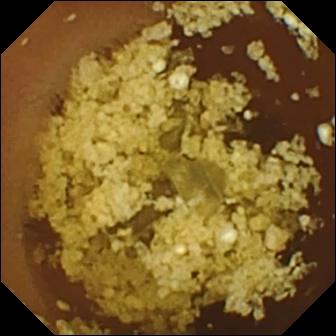Normal clean mucosa — small-bowel capsule endoscopy snapshot of the small intestine.